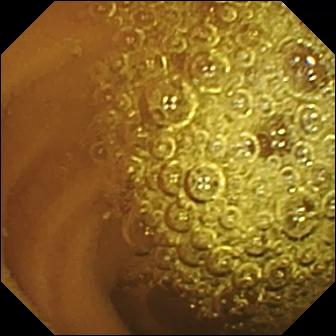modality: capsule endoscopy | segment: small intestine | label: normal clean mucosa